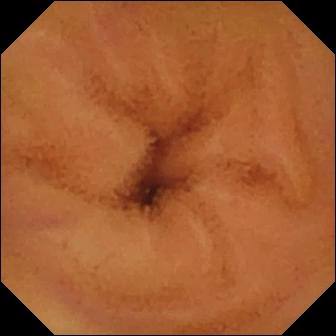Normal clean mucosa — capsule endoscopy still of the small intestine.